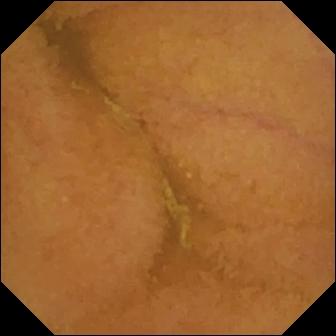modality: small-bowel capsule endoscopy
segment: small intestine
label: normal clean mucosa